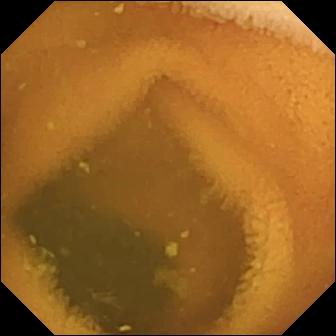modality: WCE; label: normal clean mucosa